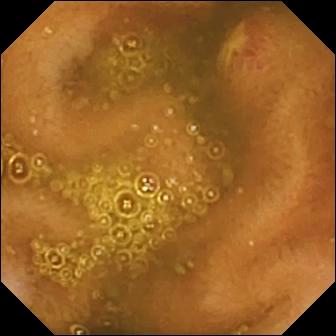- modality: small-bowel capsule endoscopy
- impression: ulcer